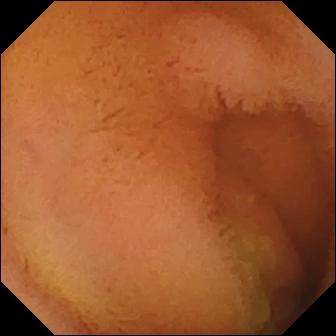This small-bowel capsule endoscopy image of the small bowel shows normal clean mucosa.